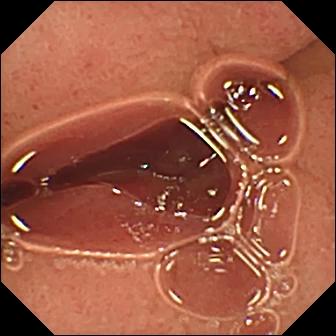modality: capsule endoscopy
location: pylorus region (the junction between the stomach and the small bowel)